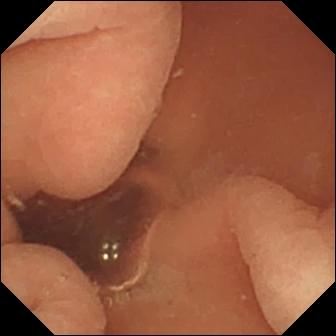VCE still. Normal clean mucosa.